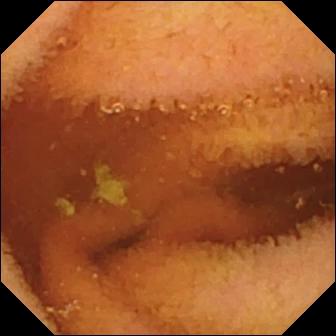Normal clean mucosa — wireless capsule endoscopy snapshot of the small bowel.